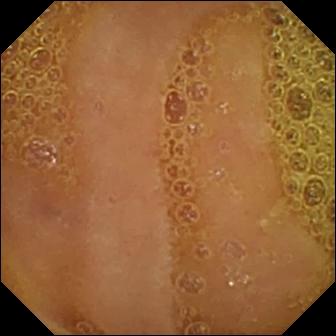{"modality": "VCE", "finding": "normal clean mucosa"}